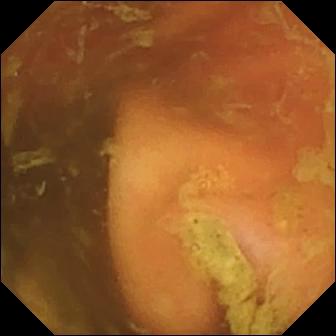Ileo-cecal valve region (where the capsule passes from the small bowel into the large bowel) — wireless capsule endoscopy view.